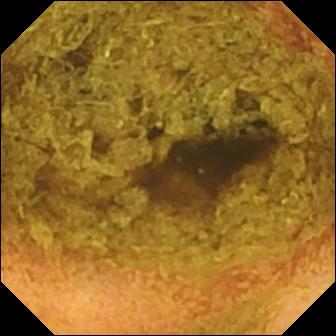Small-bowel capsule endoscopy snapshot showing normal clean mucosa.